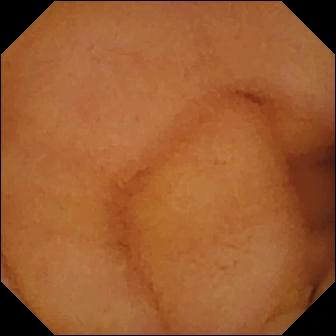Small-bowel capsule endoscopy snapshot
Label: normal clean mucosa